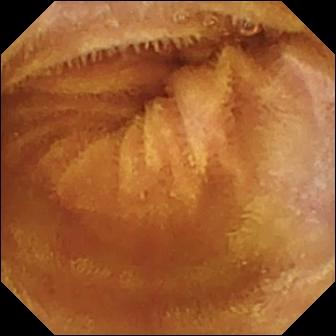Normal clean mucosa.